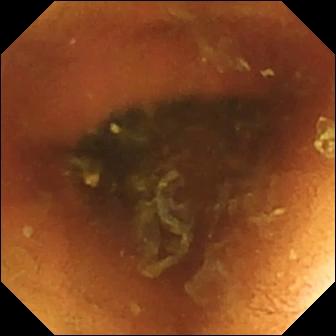Capsule endoscopy — normal clean mucosa.